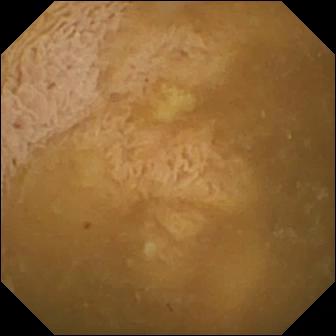Ileo-cecal valve region — capsule endoscopy view.